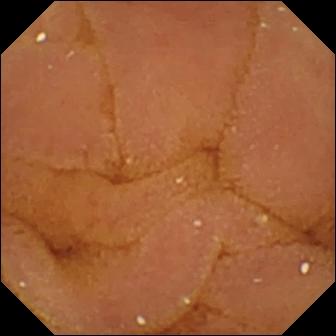PROCEDURE: Wireless capsule endoscopy.
SEGMENT: Small intestine.
FINDINGS: Normal clean mucosa.